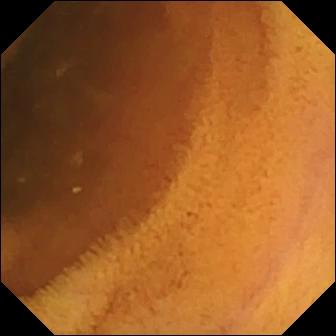WCE snapshot, small bowel
Label: normal clean mucosa